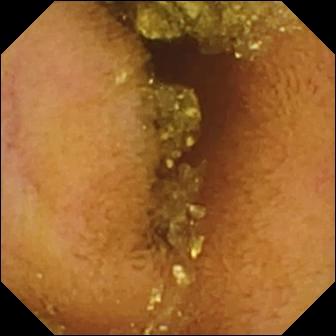PROCEDURE: Capsule endoscopy.
SEGMENT: Small bowel.
FINDINGS: Normal clean mucosa.